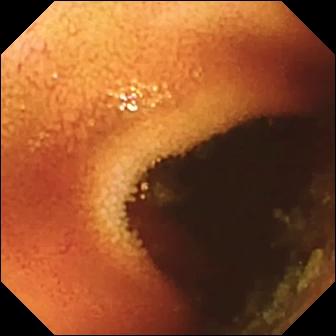WCE view taken in the ileo-cecal valve region (where the capsule passes from the small bowel into the large bowel).